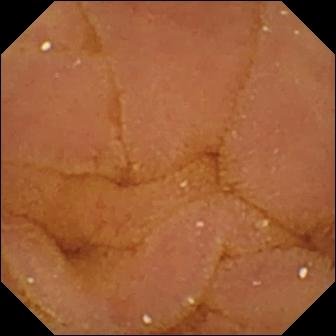This WCE frame shows normal clean mucosa.